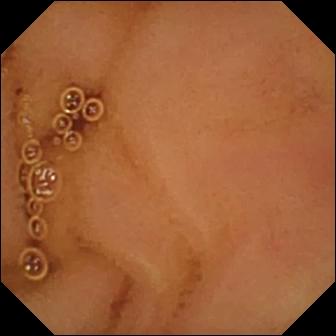PROCEDURE: Wireless capsule endoscopy.
SEGMENT: Small bowel.
FINDINGS: Normal clean mucosa.